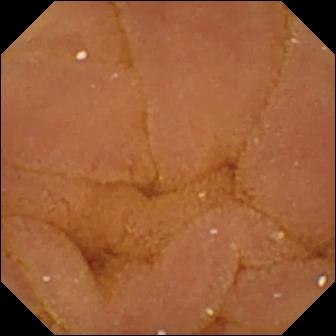PROCEDURE: Small-bowel capsule endoscopy.
FINDINGS: Normal clean mucosa.